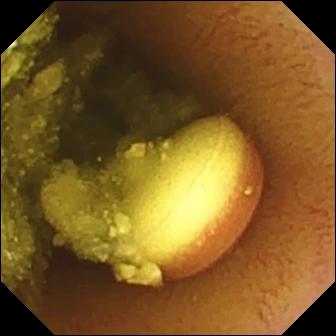- modality: video capsule endoscopy
- category: luminal finding
- observation: foreign body (e.g. retained capsule, tablet residue)